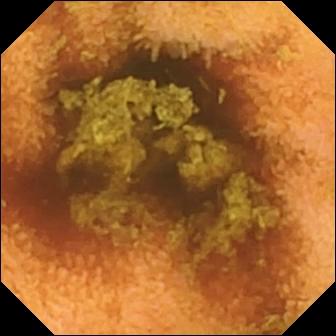Q: What does this WCE image of the small bowel show?
A: Normal clean mucosa.